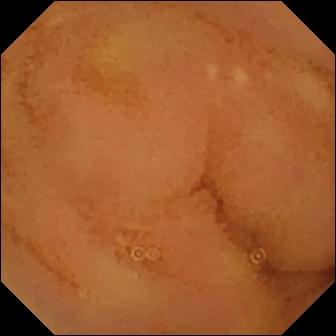VCE frame, small intestine
Finding: normal clean mucosa